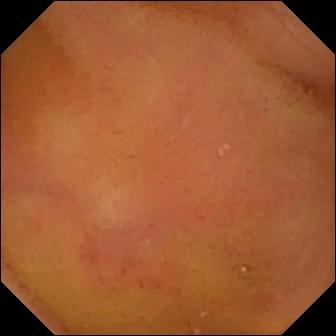Small-bowel capsule endoscopy still of the small bowel showing normal clean mucosa.